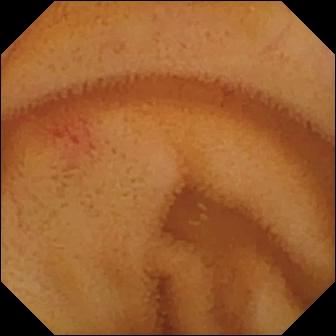Angiectasia.